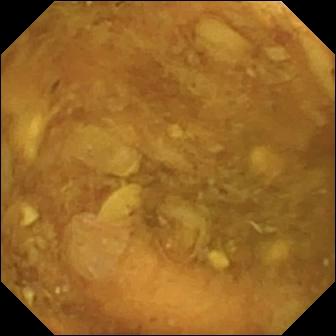Small-bowel capsule endoscopy frame
Observation: reduced mucosal view (content or bubbles obscuring the mucosa)